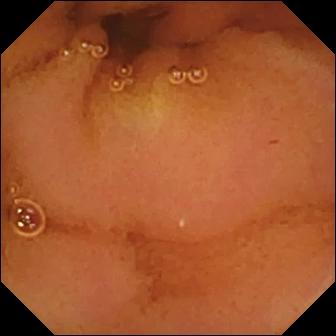Capsule endoscopy — normal clean mucosa.